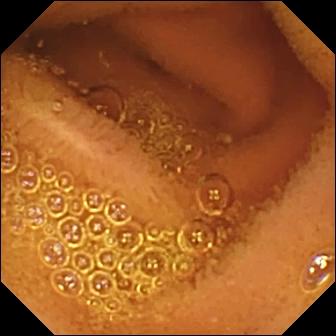Wireless capsule endoscopy view
Finding: normal clean mucosa